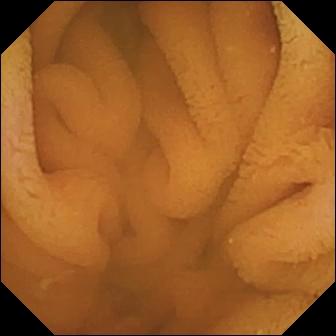Normal clean mucosa.